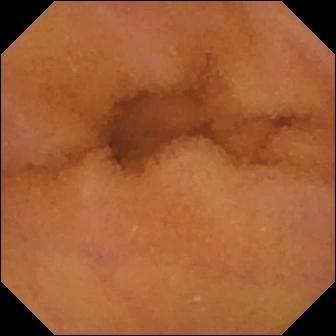Wireless capsule endoscopy frame (small intestine). Normal clean mucosa.